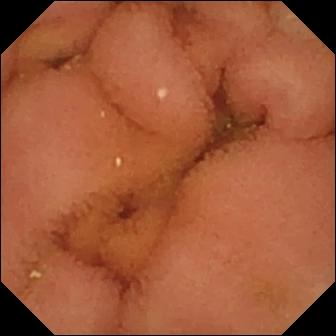PROCEDURE: VCE.
FINDINGS: Normal clean mucosa.